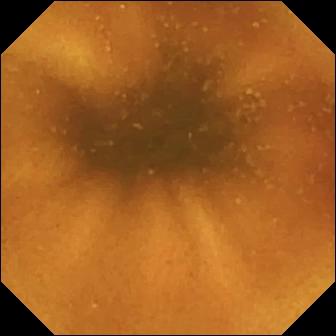Small-bowel capsule endoscopy. Label: normal clean mucosa.